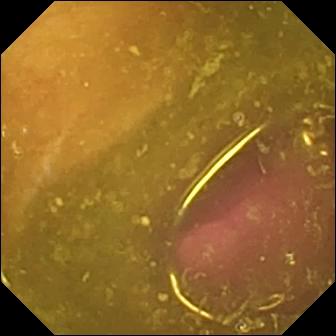WCE image. Reduced mucosal view (content or bubbles obscuring the mucosa).